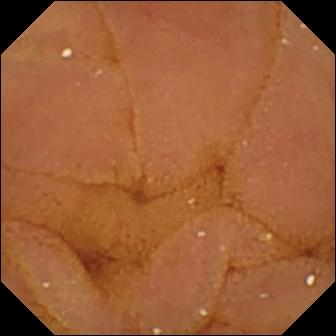VCE — normal clean mucosa.